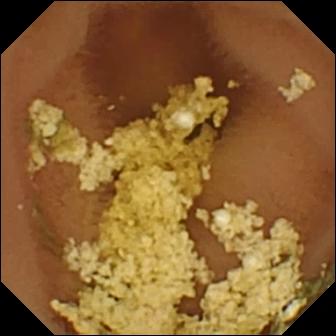Capsule endoscopy view (small bowel). Normal clean mucosa.